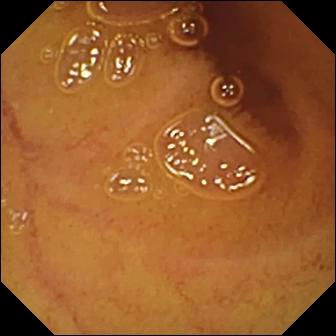Normal clean mucosa.